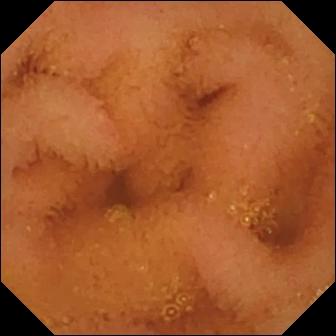This wireless capsule endoscopy snapshot shows normal clean mucosa.